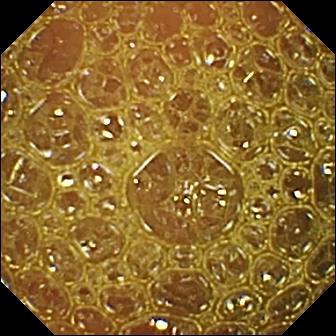Reduced mucosal view (content or bubbles obscuring the mucosa) — WCE image of the small bowel.